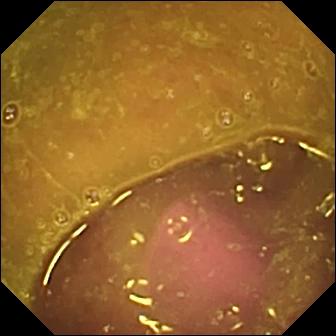Wireless capsule endoscopy view showing reduced mucosal view (content or bubbles obscuring the mucosa).